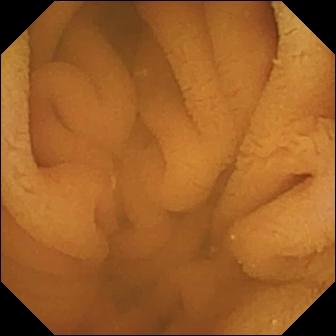Normal clean mucosa — small-bowel capsule endoscopy snapshot of the small intestine.